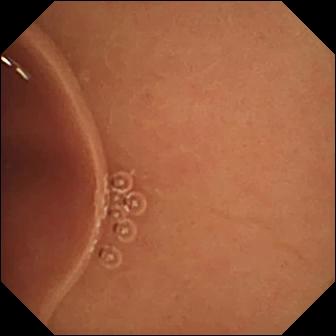Video capsule endoscopy. Observation: normal clean mucosa.